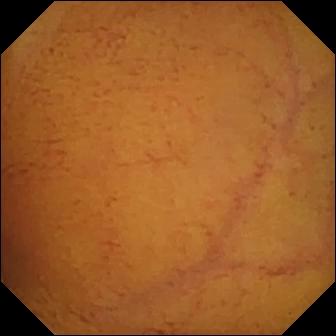Normal clean mucosa — capsule endoscopy view of the small intestine.